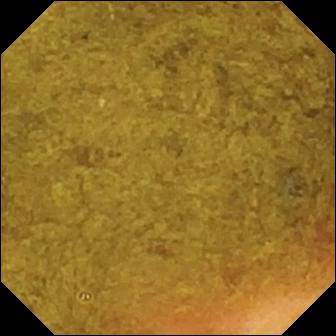Ileo-cecal valve region (the transition from the small bowel to the large bowel).